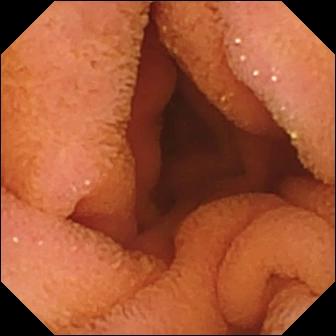Normal clean mucosa.